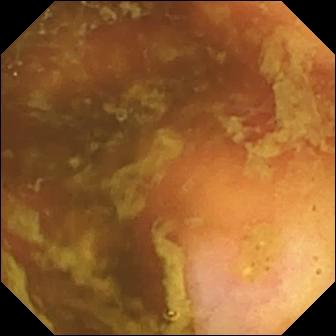Small-bowel capsule endoscopy still, 336×336. Taken in the ileo-cecal valve region (the transition from the small bowel to the large bowel).